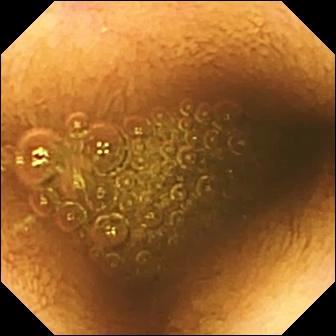Capsule endoscopy — reduced mucosal view (content or bubbles obscuring the mucosa).